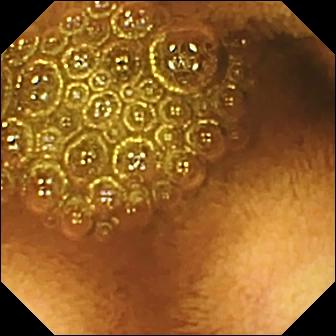Reduced mucosal view (content or bubbles obscuring the mucosa) — WCE still.